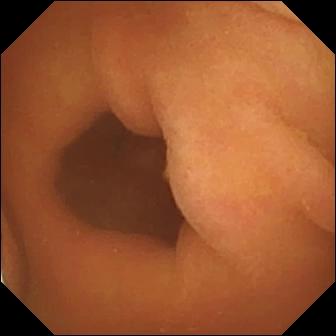PROCEDURE: WCE.
FINDINGS: Foreign body (e.g. retained capsule, tablet residue).